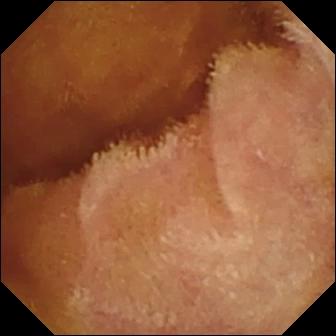Q: What does this WCE view of the small bowel show?
A: Normal clean mucosa.